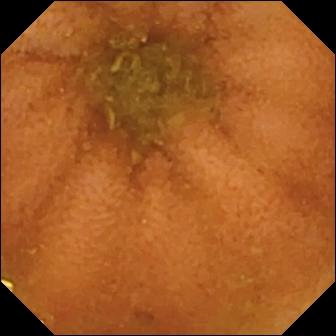Normal clean mucosa.